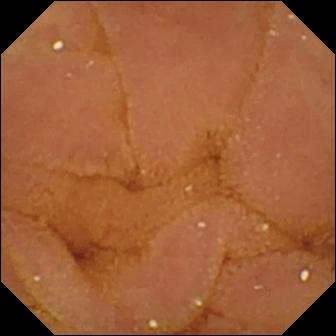WCE image, small bowel
Finding: normal clean mucosa